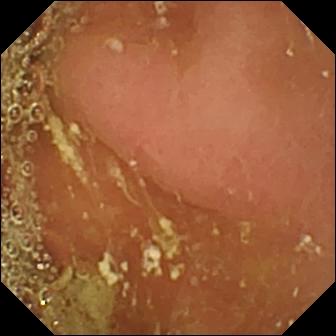Q: Where in the digestive tract was this video capsule endoscopy image taken?
A: Pylorus region.